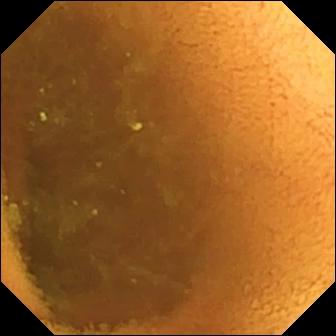Small-bowel capsule endoscopy — normal clean mucosa.